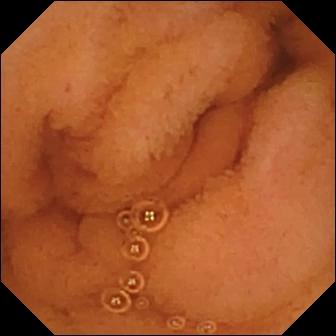- modality: wireless capsule endoscopy
- segment: small bowel
- label: normal clean mucosa